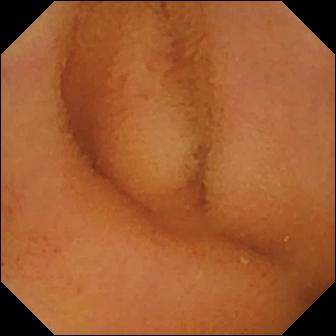Video capsule endoscopy — normal clean mucosa.